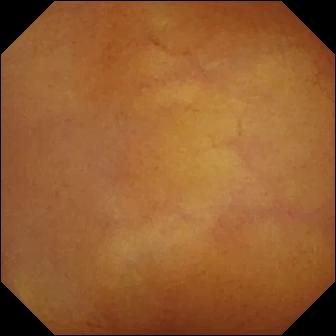WCE snapshot, small intestine
Label: normal clean mucosa